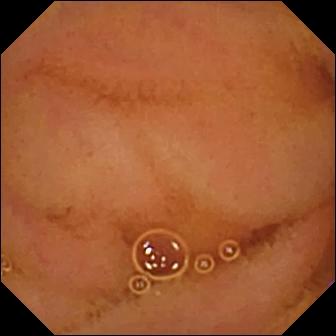- modality: small-bowel capsule endoscopy
- segment: small intestine
- category: luminal finding
- observation: normal clean mucosa